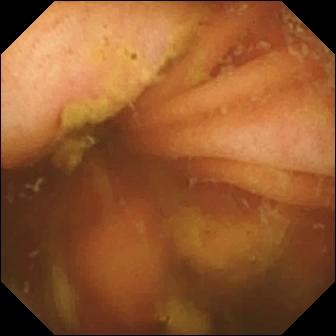Video capsule endoscopy — ileo-cecal valve region.